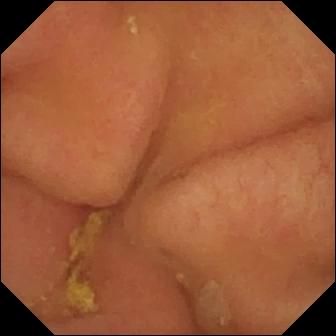WCE frame
Location: pylorus region (where the capsule passes from the stomach into the small bowel)